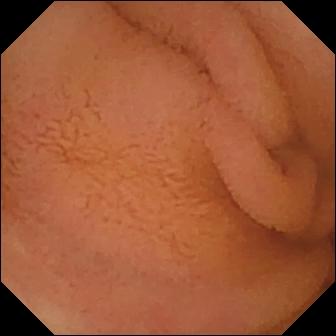WCE — normal clean mucosa.